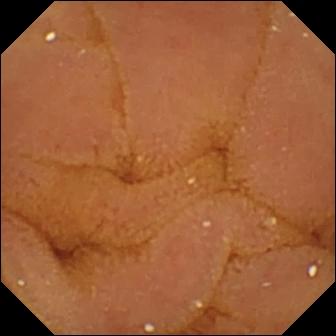Wireless capsule endoscopy — normal clean mucosa.